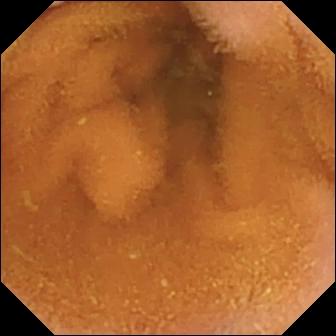Video capsule endoscopy frame showing normal clean mucosa.